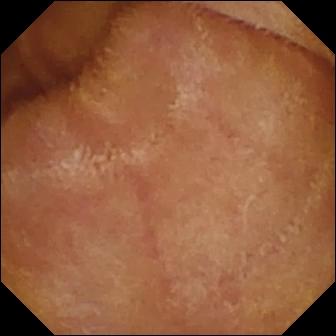modality: video capsule endoscopy | segment: small intestine | category: luminal finding | observation: normal clean mucosa